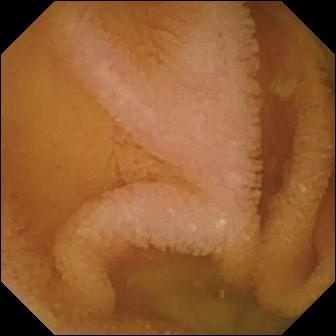Small-bowel capsule endoscopy view
Observation: normal clean mucosa